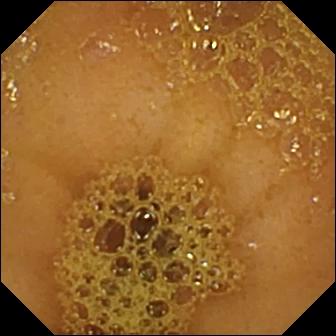Wireless capsule endoscopy. Video segment: ileo-cecal valve region (the transition from the small bowel to the large bowel).